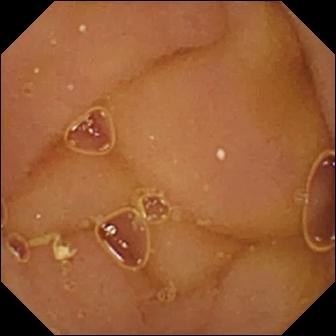VCE still, small intestine
Finding: normal clean mucosa